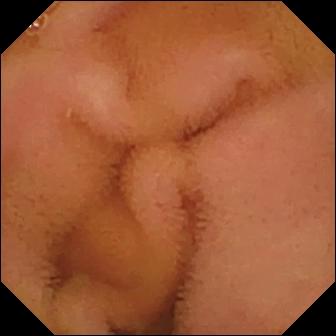modality: capsule endoscopy
segment: small intestine
label: normal clean mucosa